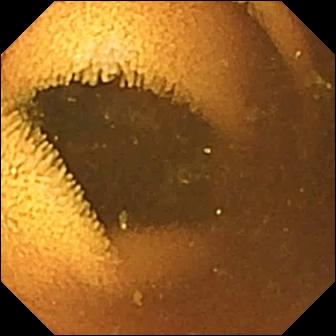modality: capsule endoscopy
finding: normal clean mucosa